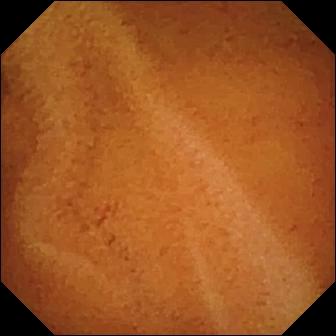- modality: video capsule endoscopy
- impression: normal clean mucosa